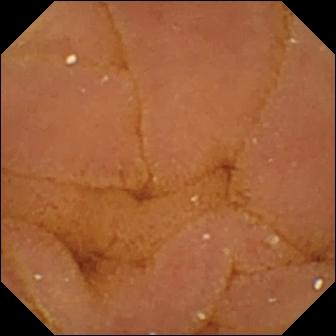Q: What does this wireless capsule endoscopy still of the small bowel show?
A: Normal clean mucosa.